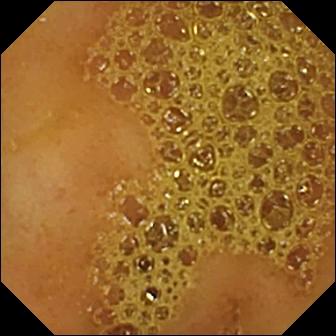{"modality": "wireless capsule endoscopy", "label": "ileo-cecal valve region"}